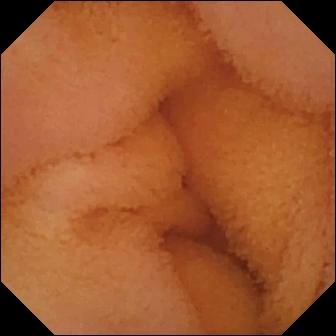This video capsule endoscopy image shows normal clean mucosa.